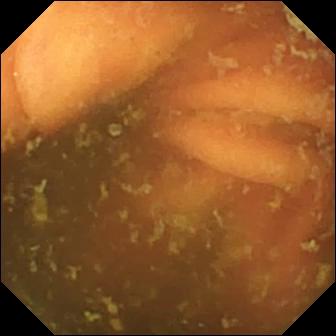Wireless capsule endoscopy still
Location: ileo-cecal valve region